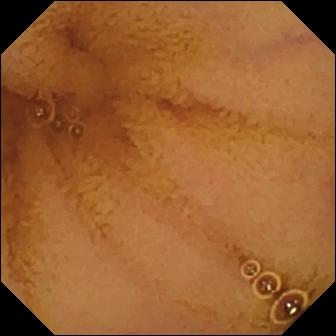WCE frame
Finding: normal clean mucosa